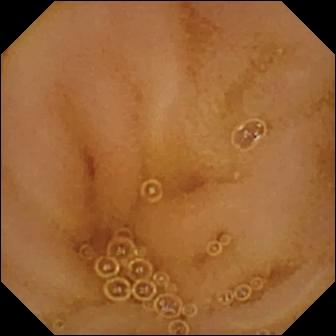Wireless capsule endoscopy image. Normal clean mucosa.